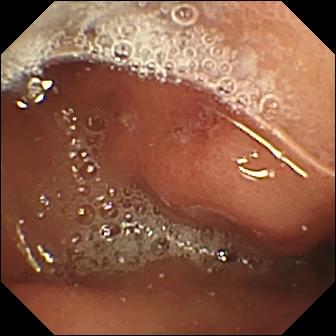Capsule endoscopy — erosion.